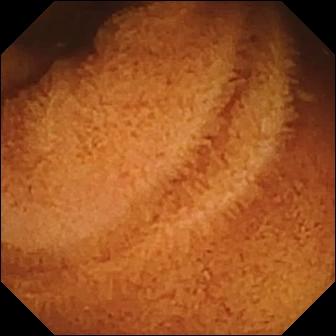Normal clean mucosa.